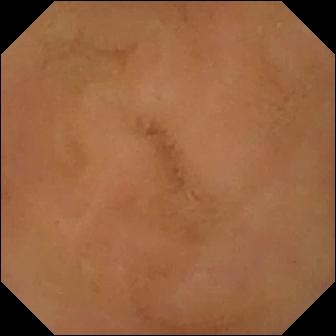Normal clean mucosa — video capsule endoscopy view of the small intestine.